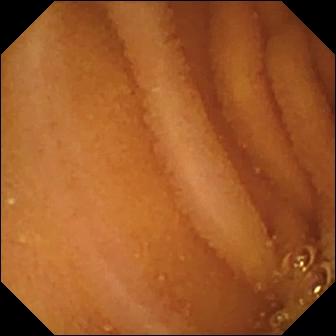Normal clean mucosa — wireless capsule endoscopy frame of the small intestine.